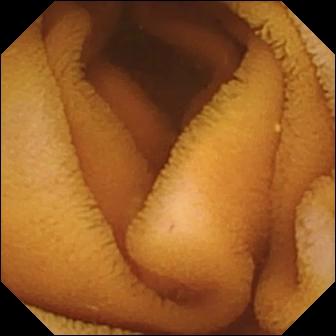- modality: small-bowel capsule endoscopy
- category: luminal finding
- observation: normal clean mucosa